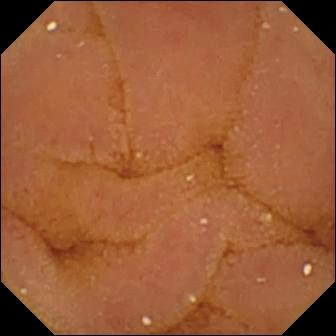Normal clean mucosa — video capsule endoscopy image of the small bowel.